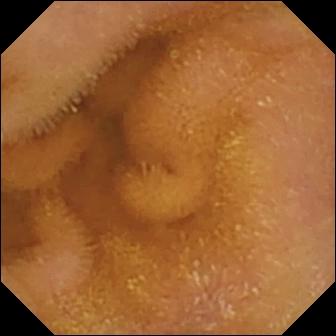This VCE snapshot shows normal clean mucosa.